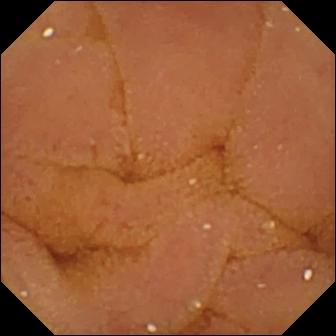Q: What does this capsule endoscopy image show?
A: Normal clean mucosa.